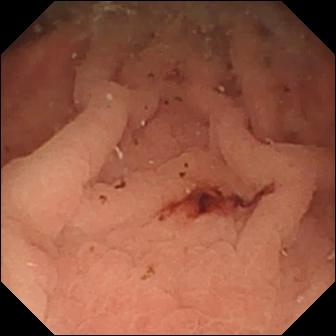- modality: video capsule endoscopy
- impression: fresh blood in the lumen